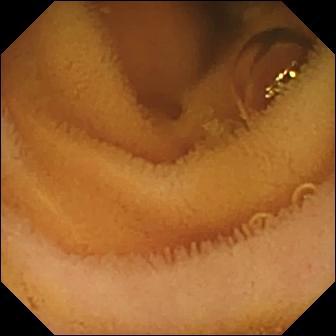modality: video capsule endoscopy
segment: small bowel
category: luminal finding
impression: normal clean mucosa